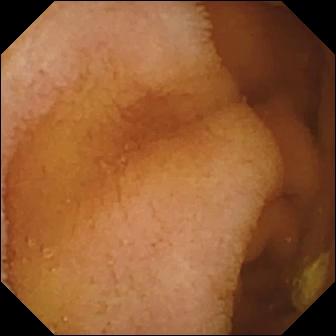- modality: wireless capsule endoscopy
- segment: small intestine
- impression: normal clean mucosa